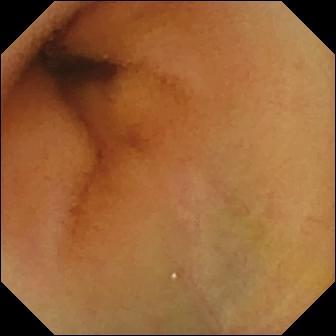modality: capsule endoscopy; impression: normal clean mucosa